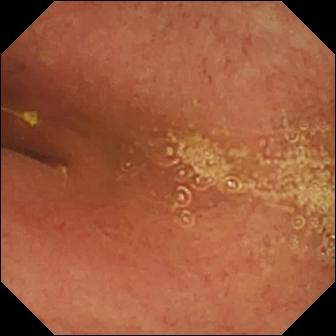Wireless capsule endoscopy. Label: pylorus region (the junction between the stomach and the small bowel).